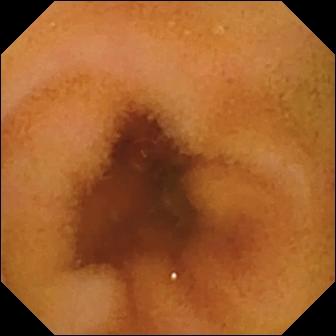Video capsule endoscopy frame
Observation: normal clean mucosa